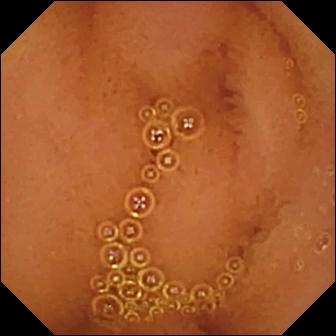This video capsule endoscopy still shows normal clean mucosa.